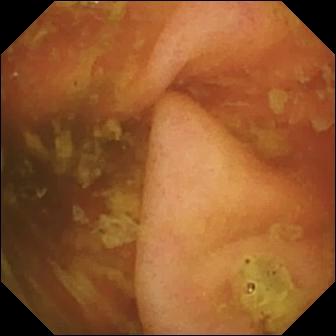Q: Where in the digestive tract was this wireless capsule endoscopy frame taken?
A: Ileo-cecal valve region (where the capsule passes from the small bowel into the large bowel).